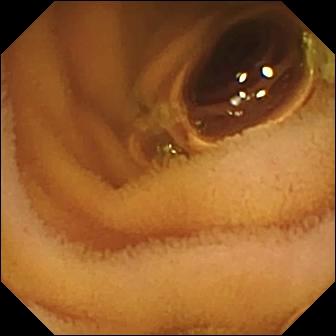This video capsule endoscopy snapshot shows normal clean mucosa.